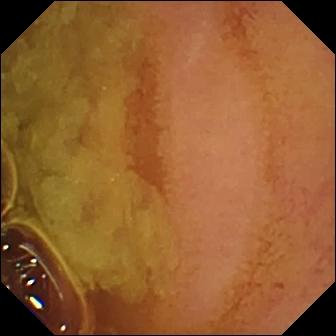Q: What does this VCE snapshot of the small bowel show?
A: Normal clean mucosa.